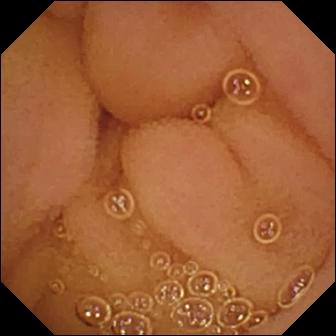Capsule endoscopy — normal clean mucosa.